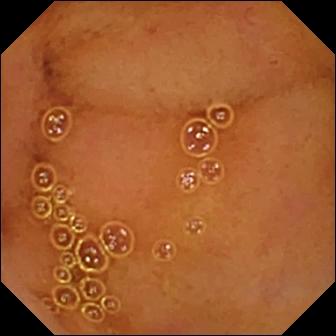modality: wireless capsule endoscopy
segment: small bowel
observation: normal clean mucosa